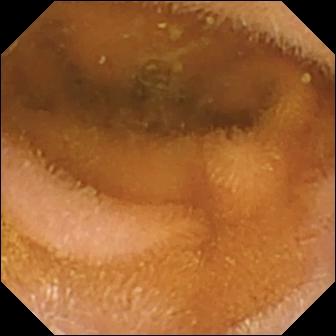Wireless capsule endoscopy — normal clean mucosa.